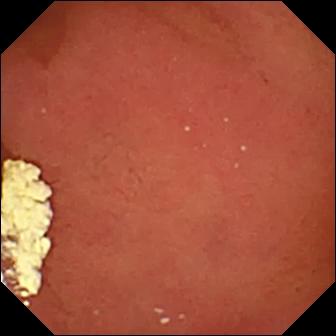Pylorus region (the junction between the stomach and the small bowel), 336×336.